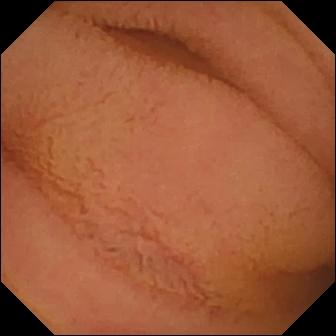Small-bowel capsule endoscopy frame (small bowel), 336×336. Normal clean mucosa.